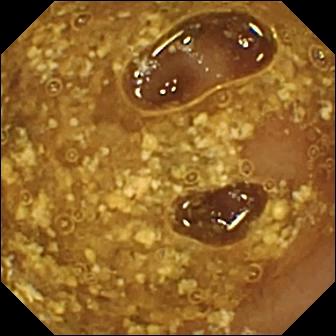{"modality": "VCE", "finding": "reduced mucosal view (content or bubbles obscuring the mucosa)"}